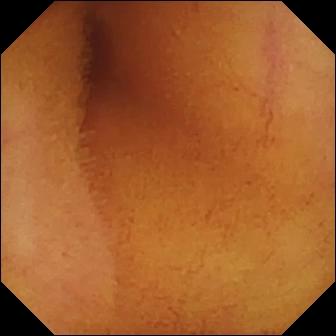Video capsule endoscopy — normal clean mucosa.